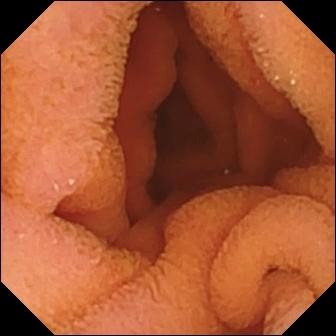Wireless capsule endoscopy frame. Normal clean mucosa.